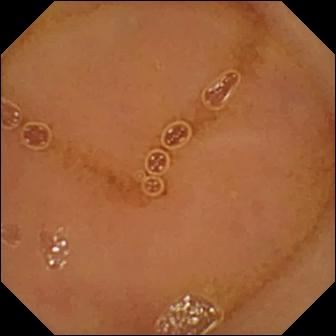Normal clean mucosa.